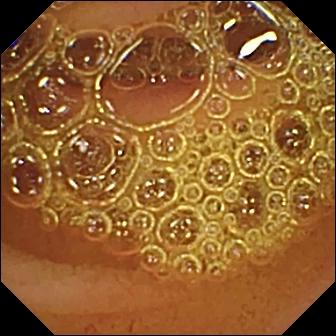Video capsule endoscopy. Small bowel. Luminal finding. Observation: normal clean mucosa.